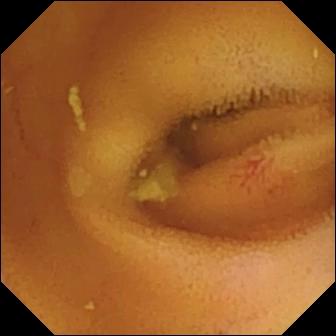WCE view
Observation: angiectasia